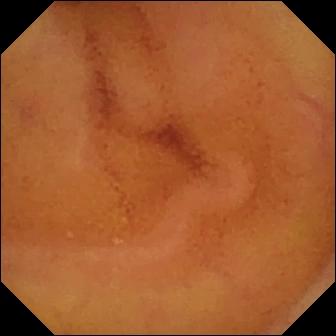Q: What does this VCE still of the small intestine show?
A: Normal clean mucosa.